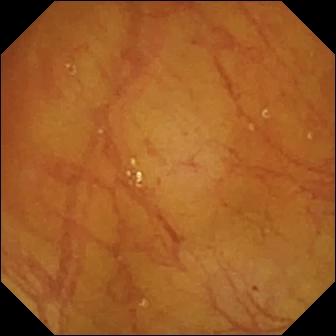Video capsule endoscopy — ileo-cecal valve region (the transition from the small bowel to the large bowel).